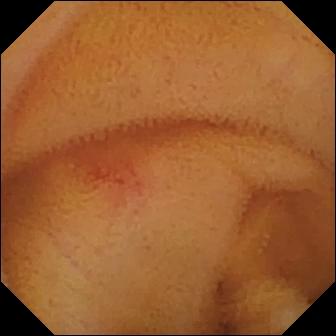Q: What does this capsule endoscopy snapshot show?
A: Angiectasia.